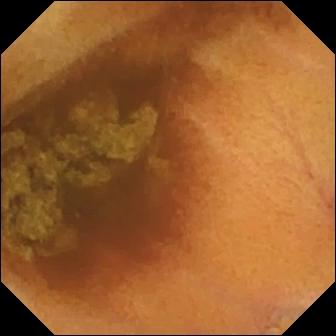Normal clean mucosa.